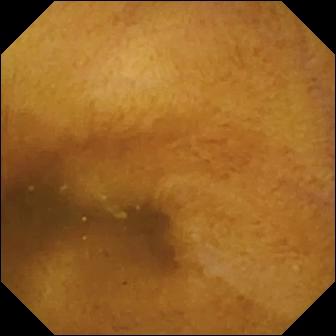{"modality": "wireless capsule endoscopy", "category": "luminal finding", "finding": "normal clean mucosa"}